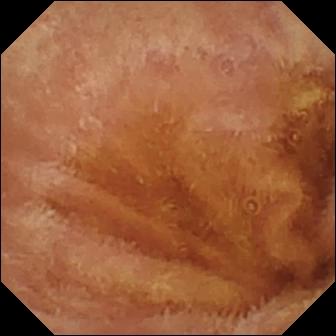Small-bowel capsule endoscopy. Small intestine. Luminal finding. Finding: normal clean mucosa.